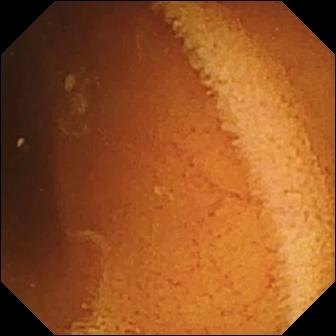PROCEDURE: Capsule endoscopy.
FINDINGS: Normal clean mucosa.